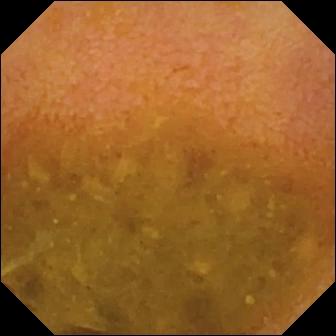Reduced mucosal view (content or bubbles obscuring the mucosa).